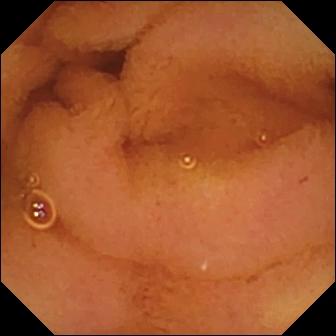Video capsule endoscopy view
Impression: normal clean mucosa